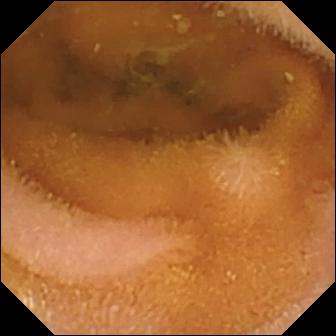Wireless capsule endoscopy — normal clean mucosa.